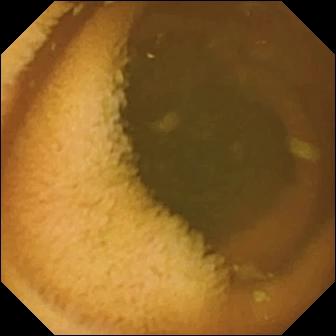Normal clean mucosa — VCE still of the small bowel.